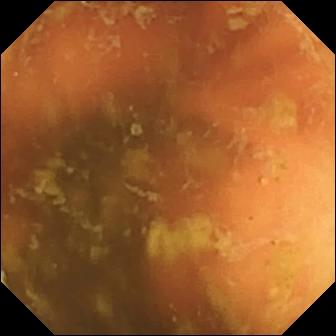Small-bowel capsule endoscopy. Video segment: ileo-cecal valve region (where the capsule passes from the small bowel into the large bowel).